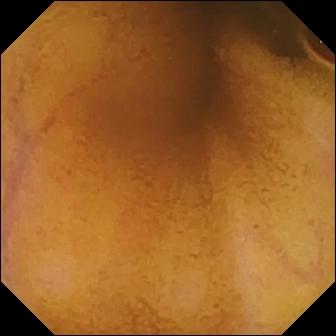Capsule endoscopy image (small intestine), 336×336. Normal clean mucosa.